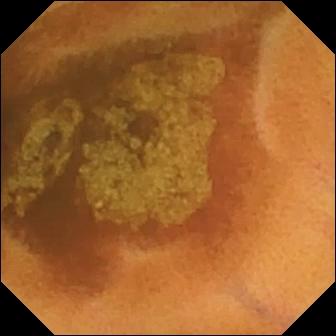WCE. Luminal finding. Finding: normal clean mucosa.